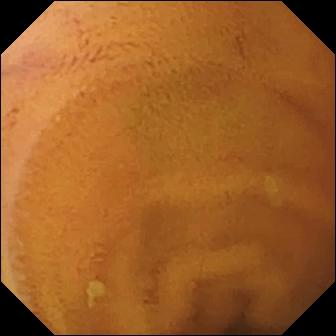Q: What does this wireless capsule endoscopy frame show?
A: Normal clean mucosa.